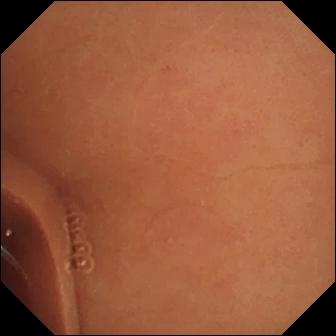modality: small-bowel capsule endoscopy | category: luminal finding | finding: normal clean mucosa